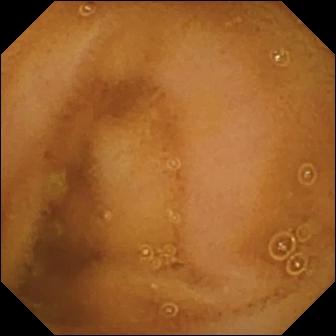Normal clean mucosa.